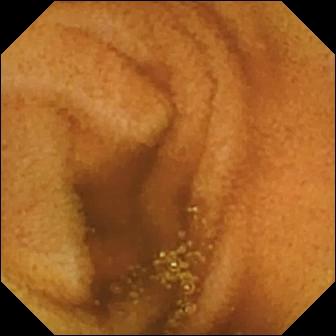Wireless capsule endoscopy — normal clean mucosa.